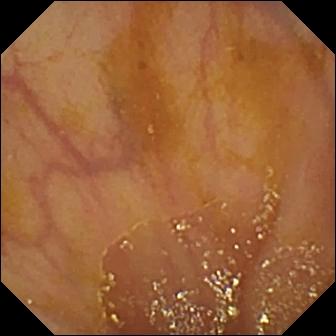Capsule endoscopy snapshot
Position: ileo-cecal valve region (the transition from the small bowel to the large bowel)